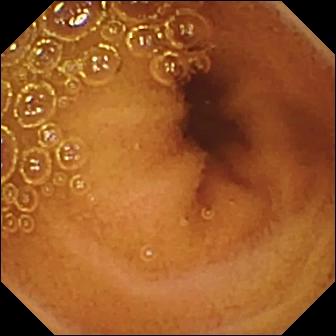Capsule endoscopy view. Normal clean mucosa.